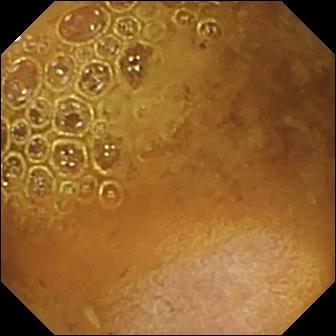Reduced mucosal view (content or bubbles obscuring the mucosa).